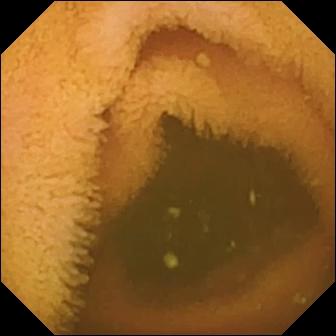WCE frame. Normal clean mucosa.